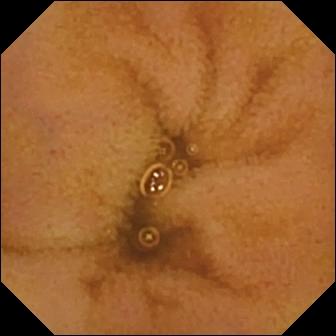Normal clean mucosa — VCE still.